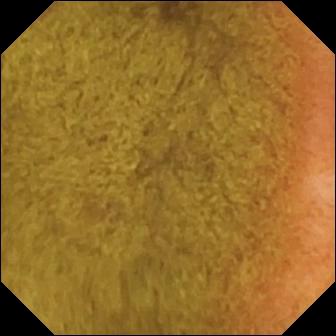This capsule endoscopy still was taken in the ileo-cecal valve region (the transition from the small bowel to the large bowel).